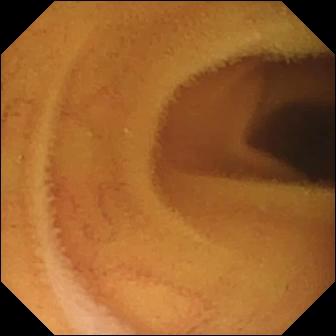modality: capsule endoscopy | impression: normal clean mucosa